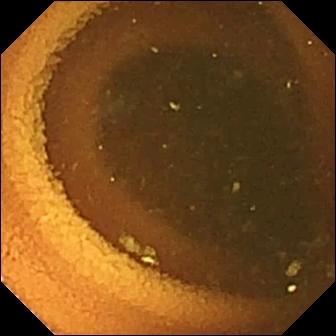Video capsule endoscopy. Impression: normal clean mucosa.